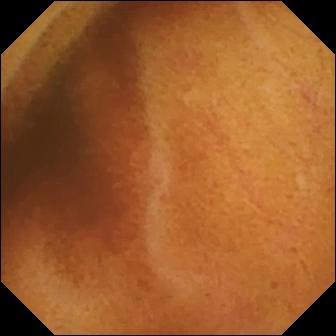- modality: capsule endoscopy
- segment: small bowel
- observation: normal clean mucosa